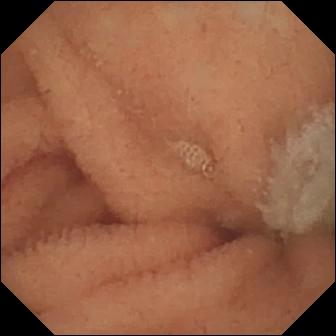PROCEDURE: Small-bowel capsule endoscopy.
SEGMENT: Small intestine.
FINDINGS: Normal clean mucosa.